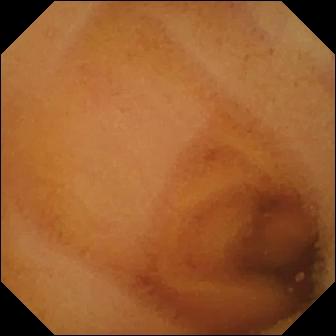Normal clean mucosa — VCE image.